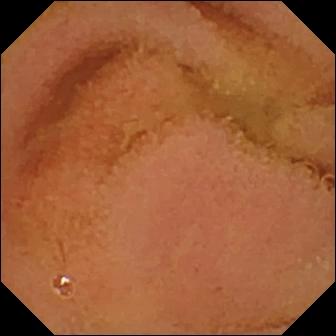Wireless capsule endoscopy frame, small intestine
Finding: normal clean mucosa